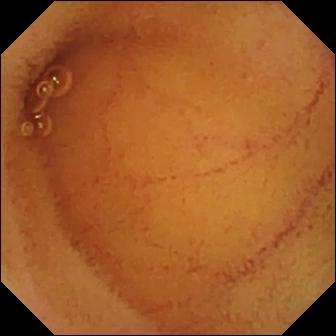Small-bowel capsule endoscopy view, small intestine
Finding: normal clean mucosa